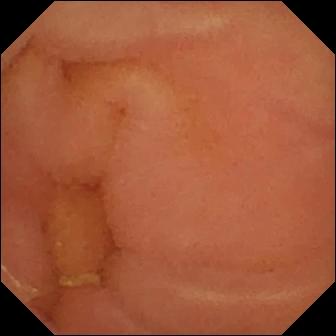{"modality": "capsule endoscopy", "finding": "normal clean mucosa"}